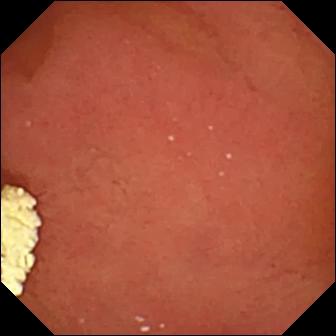PROCEDURE: VCE.
LOCATION: Pylorus region (the junction between the stomach and the small bowel).